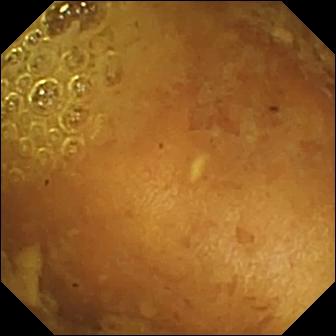Capsule endoscopy — reduced mucosal view (content or bubbles obscuring the mucosa).